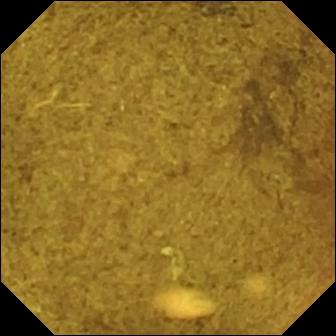Ileo-cecal valve region (the transition from the small bowel to the large bowel) — wireless capsule endoscopy image.